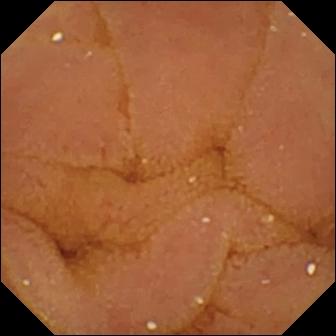PROCEDURE: VCE.
FINDINGS: Normal clean mucosa.